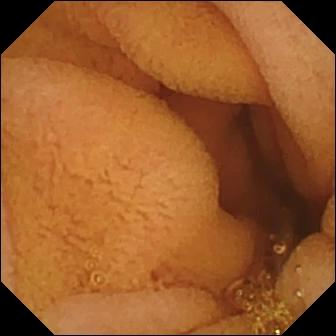VCE. Small bowel. Luminal finding. Observation: normal clean mucosa.